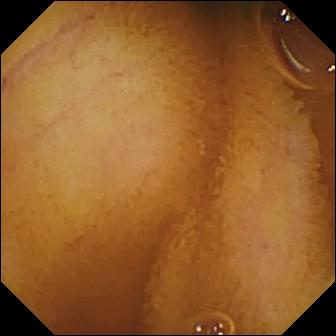VCE view
Observation: normal clean mucosa